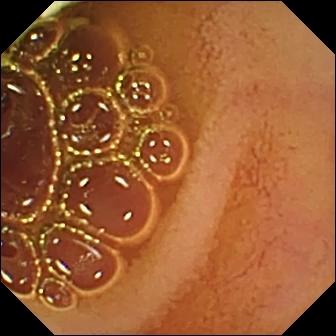Normal clean mucosa — WCE image.